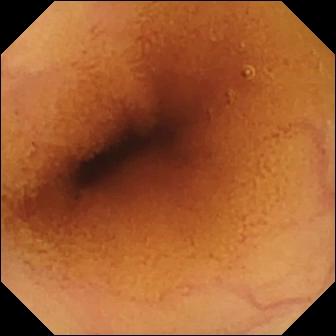Small-bowel capsule endoscopy still of the small bowel showing normal clean mucosa.